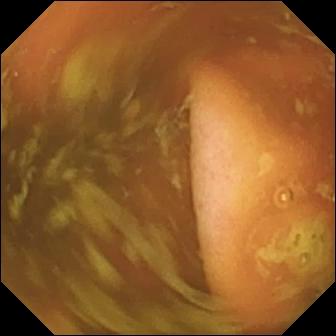This VCE frame was taken in the ileo-cecal valve region (where the capsule passes from the small bowel into the large bowel).